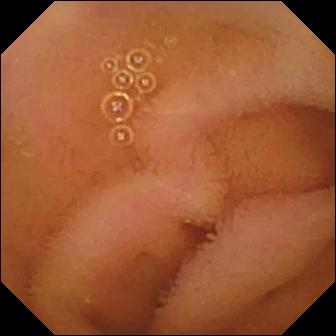modality: video capsule endoscopy; segment: small bowel; label: normal clean mucosa